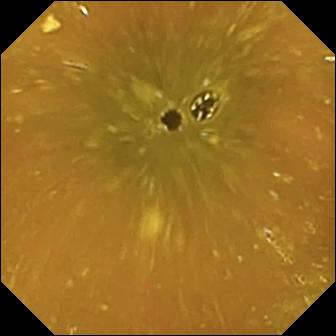Ileo-cecal valve region (the transition from the small bowel to the large bowel), 336×336.